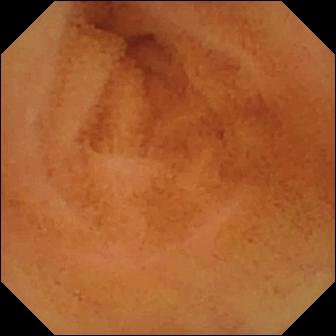Q: What does this WCE view of the small intestine show?
A: Normal clean mucosa.